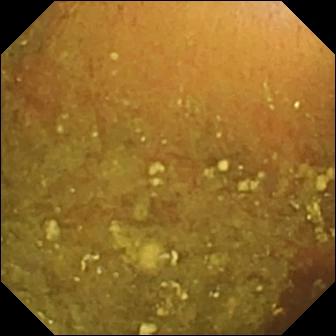Video capsule endoscopy frame of the small bowel showing reduced mucosal view (content or bubbles obscuring the mucosa).